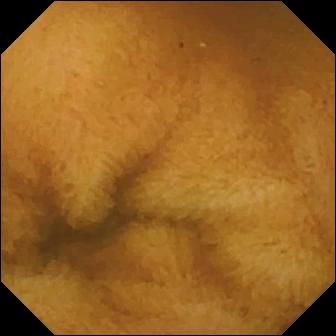Normal clean mucosa — WCE frame.